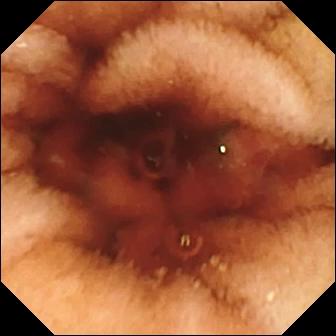Capsule endoscopy — fresh blood in the lumen.